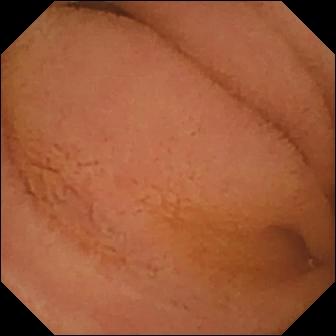Wireless capsule endoscopy — normal clean mucosa.